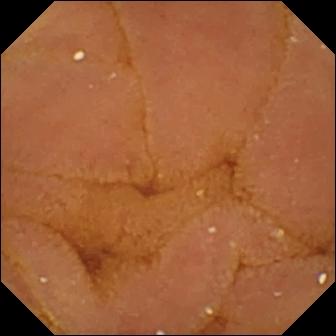PROCEDURE: Small-bowel capsule endoscopy.
SEGMENT: Small intestine.
FINDINGS: Normal clean mucosa.